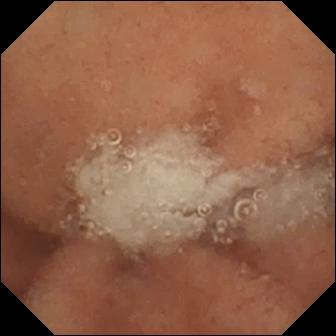PROCEDURE: VCE.
SEGMENT: Small bowel.
FINDINGS: Normal clean mucosa.